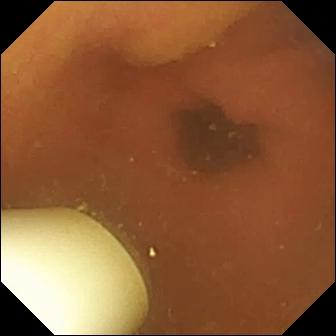{"modality": "capsule endoscopy", "finding": "foreign body (e.g. retained capsule, tablet residue)"}